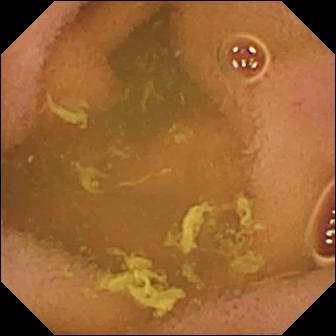- modality: VCE
- label: normal clean mucosa